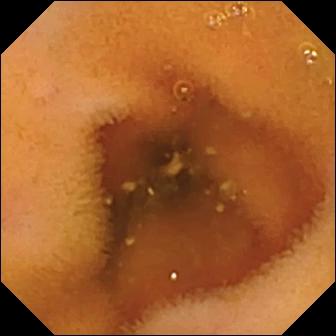Capsule endoscopy snapshot
Finding: normal clean mucosa